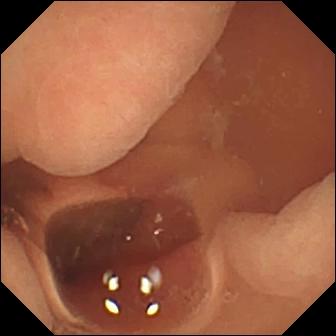PROCEDURE: Capsule endoscopy.
FINDINGS: Normal clean mucosa.